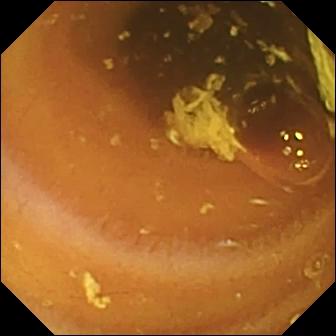WCE. Luminal finding. Finding: normal clean mucosa.